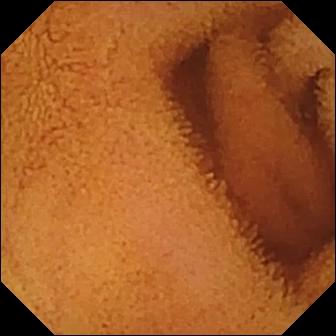Video capsule endoscopy frame
Observation: normal clean mucosa